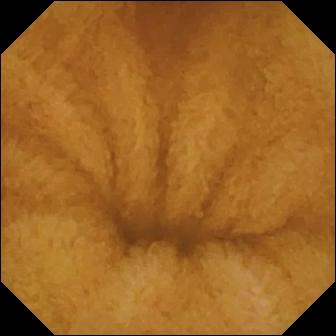Video capsule endoscopy. Small bowel. Luminal finding. Observation: normal clean mucosa.